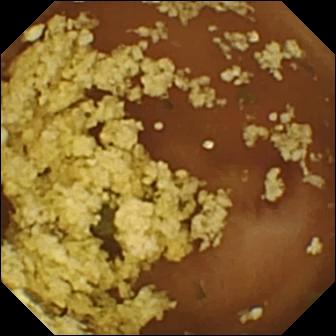Small-bowel capsule endoscopy snapshot (small bowel), 336×336. Normal clean mucosa.